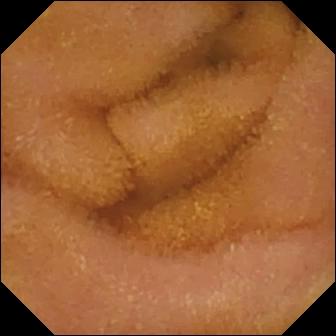{"modality": "video capsule endoscopy", "segment": "small intestine", "finding": "normal clean mucosa"}